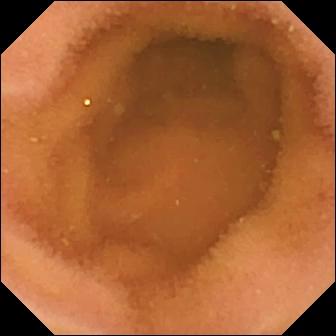Small-bowel capsule endoscopy frame showing normal clean mucosa.